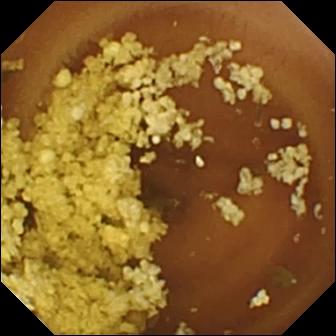Small-bowel capsule endoscopy still of the small bowel showing normal clean mucosa.